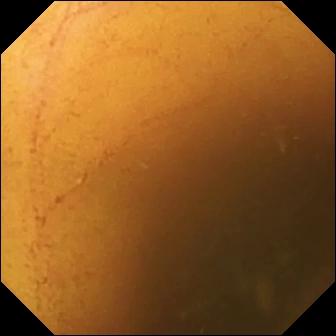VCE view of the small bowel showing normal clean mucosa.